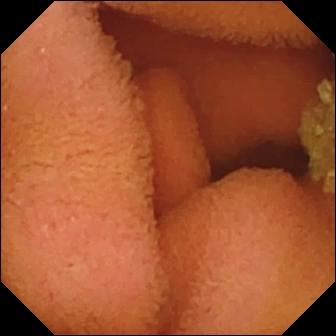Capsule endoscopy still
Impression: normal clean mucosa